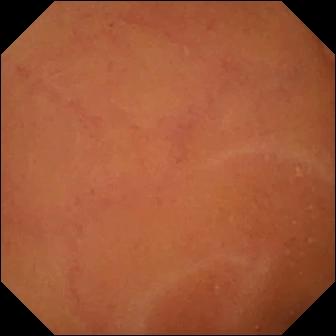Normal clean mucosa (336×336).